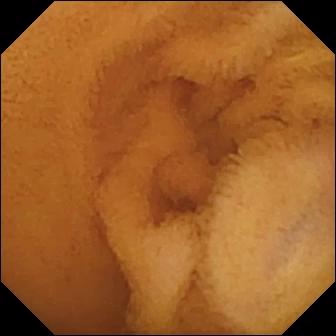Q: What does this small-bowel capsule endoscopy frame show?
A: Normal clean mucosa.